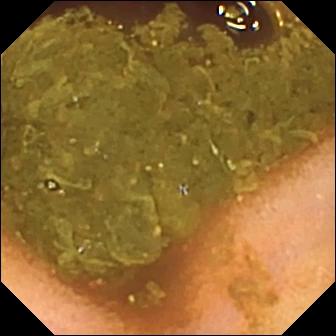Wireless capsule endoscopy image. Taken in the ileo-cecal valve region (the transition from the small bowel to the large bowel).